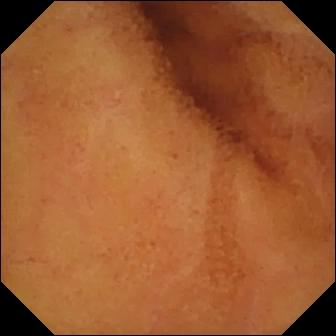Q: What does this small-bowel capsule endoscopy image of the small bowel show?
A: Normal clean mucosa.